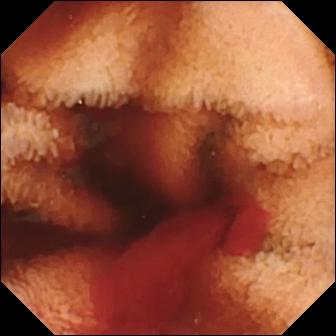modality: video capsule endoscopy; category: luminal finding; label: fresh blood in the lumen